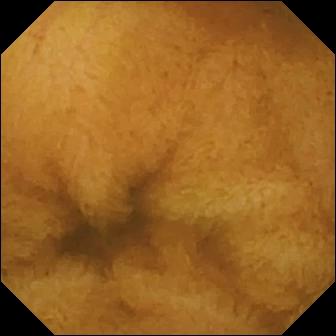VCE. Finding: normal clean mucosa.